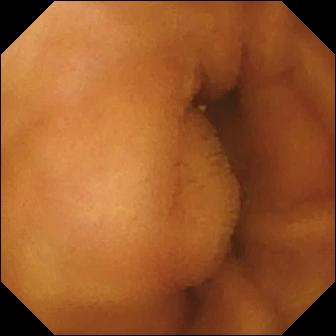modality: small-bowel capsule endoscopy
category: luminal finding
impression: normal clean mucosa